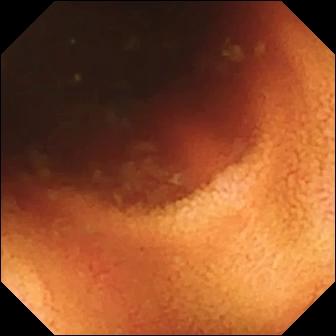Small-bowel capsule endoscopy still taken in the ileo-cecal valve region.